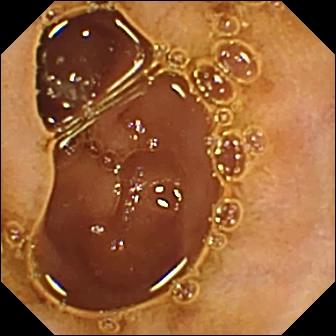modality: video capsule endoscopy | segment: small intestine | finding: normal clean mucosa